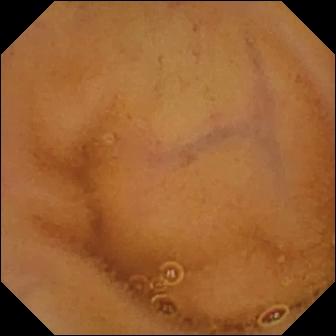This wireless capsule endoscopy frame of the small intestine shows normal clean mucosa.